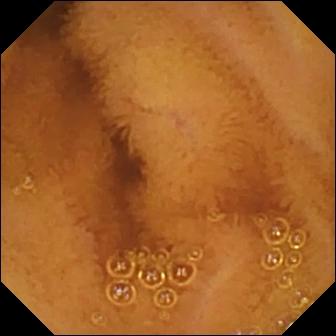Normal clean mucosa.